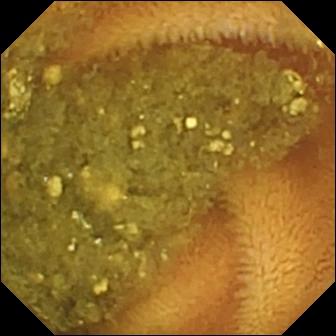Reduced mucosal view (content or bubbles obscuring the mucosa).